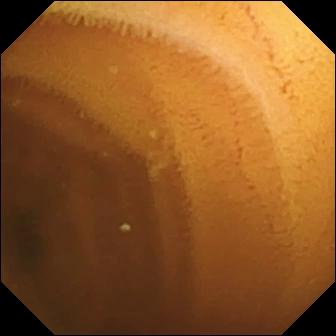This capsule endoscopy still of the small intestine shows normal clean mucosa.